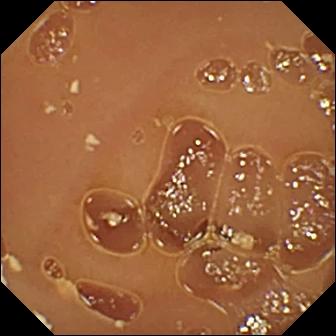{"modality": "WCE", "segment": "small intestine", "finding": "normal clean mucosa"}